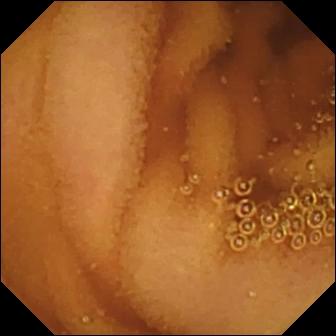Wireless capsule endoscopy. Small bowel. Luminal finding. Finding: normal clean mucosa.